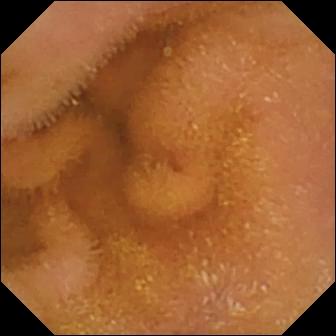modality: VCE
segment: small bowel
category: luminal finding
finding: normal clean mucosa